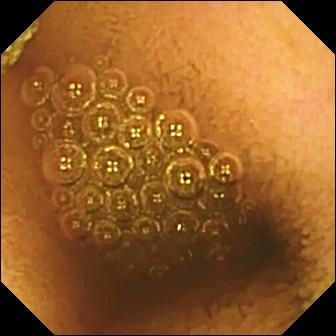Q: What does this wireless capsule endoscopy snapshot show?
A: Reduced mucosal view (content or bubbles obscuring the mucosa).